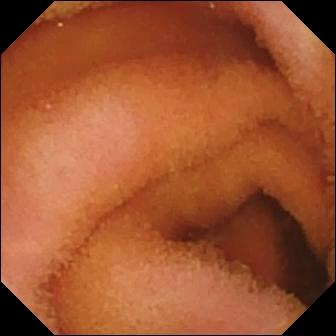- modality: capsule endoscopy
- observation: normal clean mucosa